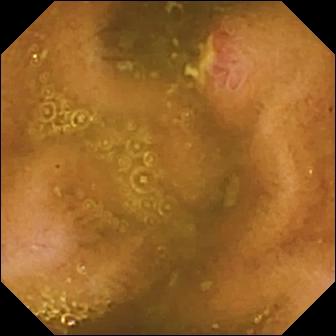Capsule endoscopy still
Observation: ulcer